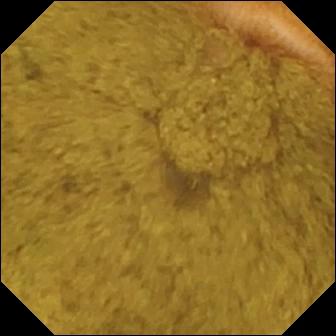Q: Where in the digestive tract was this video capsule endoscopy still taken?
A: Ileo-cecal valve region.